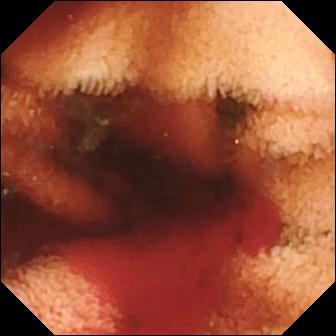This WCE frame shows fresh blood in the lumen.